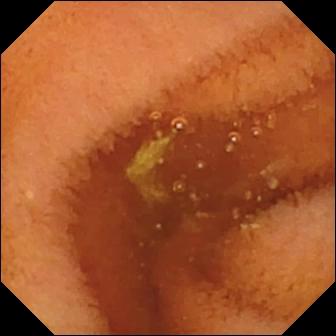Normal clean mucosa — capsule endoscopy image of the small bowel.